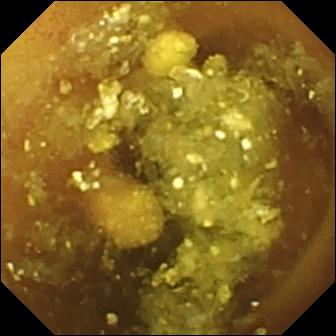Wireless capsule endoscopy still
Label: lymphangiectasia